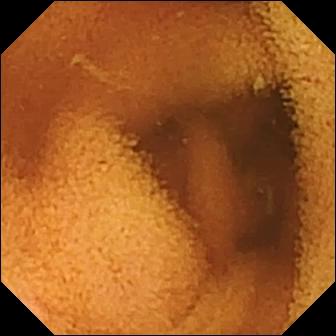- modality: wireless capsule endoscopy
- category: luminal finding
- finding: normal clean mucosa